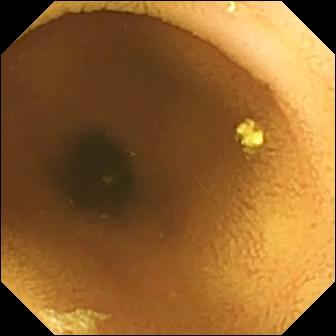Normal clean mucosa — capsule endoscopy frame of the small bowel.